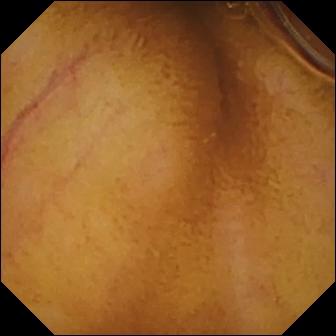{"modality": "wireless capsule endoscopy", "finding": "normal clean mucosa"}